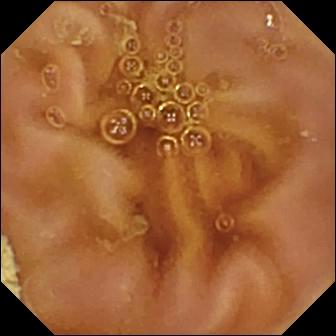Normal clean mucosa.